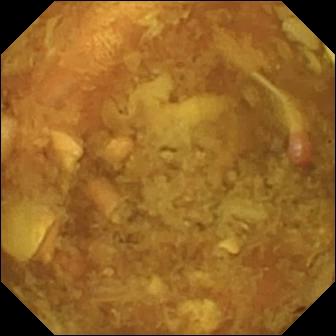This WCE frame of the small bowel shows reduced mucosal view (content or bubbles obscuring the mucosa).